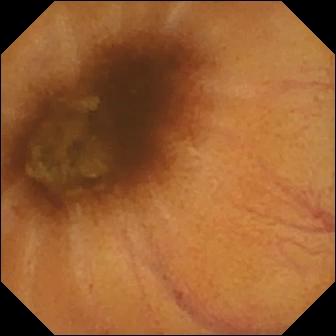Small-bowel capsule endoscopy snapshot of the small intestine showing normal clean mucosa.